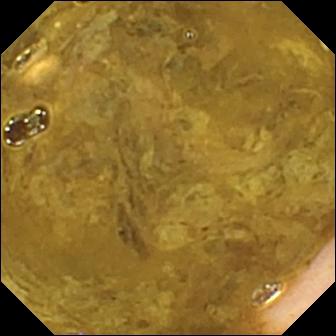VCE view taken in the ileo-cecal valve region (where the capsule passes from the small bowel into the large bowel).